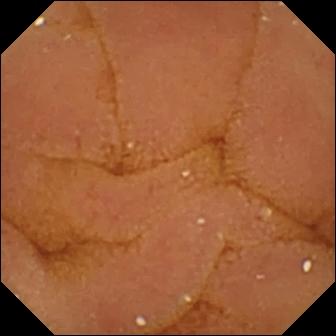Video capsule endoscopy — normal clean mucosa.